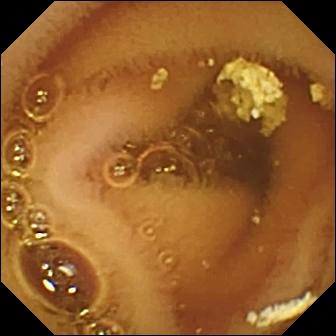Q: What does this WCE view of the small bowel show?
A: Normal clean mucosa.